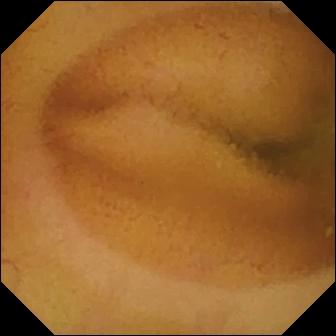WCE frame showing normal clean mucosa.